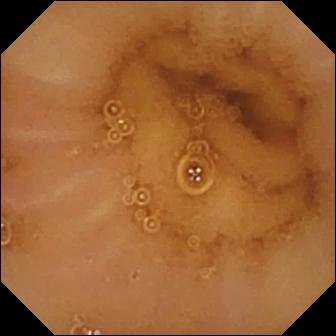VCE view (small bowel). Normal clean mucosa.